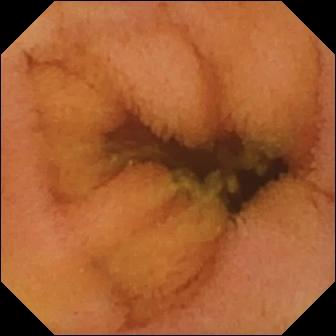modality: capsule endoscopy
segment: small intestine
category: luminal finding
observation: normal clean mucosa